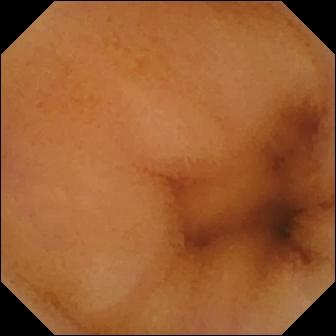Normal clean mucosa.